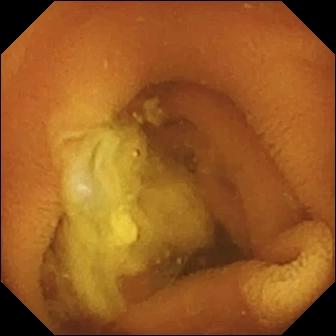{"modality": "capsule endoscopy", "finding": "normal clean mucosa"}